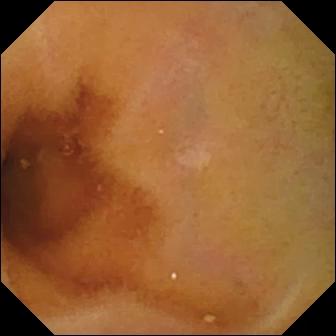Small-bowel capsule endoscopy view
Impression: normal clean mucosa